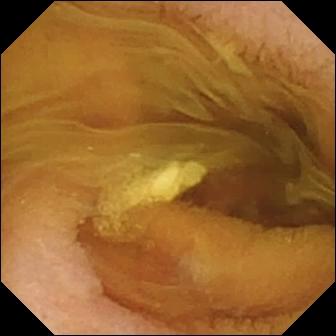{"modality": "capsule endoscopy", "segment": "small bowel", "finding": "normal clean mucosa"}